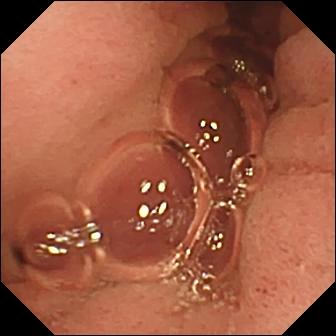This wireless capsule endoscopy view was taken in the pylorus region.